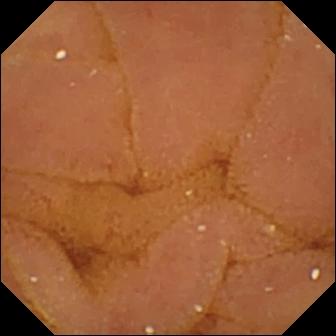This WCE image of the small bowel shows normal clean mucosa.